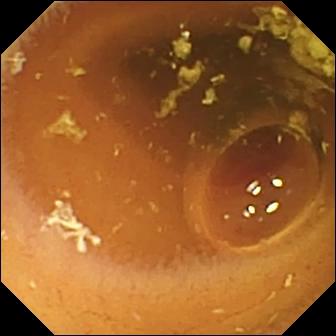{"modality": "WCE", "finding": "normal clean mucosa"}